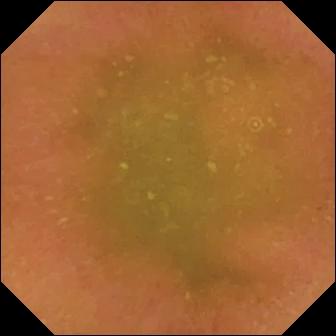{"modality": "video capsule endoscopy", "category": "luminal finding", "finding": "normal clean mucosa"}